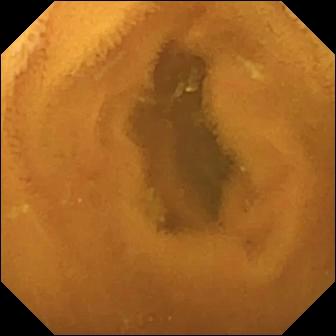Small-bowel capsule endoscopy still
Impression: normal clean mucosa